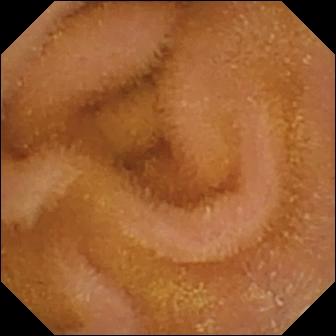Capsule endoscopy — normal clean mucosa.